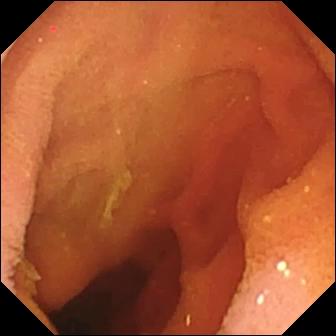Capsule endoscopy view
Location: pylorus region (the junction between the stomach and the small bowel)